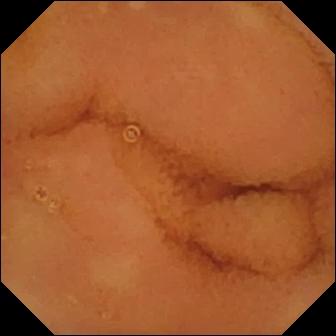Normal clean mucosa.